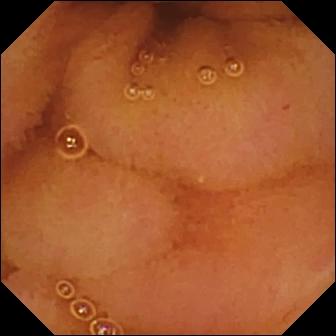Video capsule endoscopy. Luminal finding. Finding: normal clean mucosa.